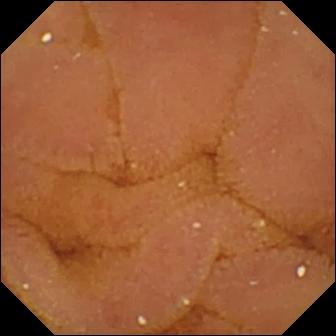Video capsule endoscopy. Small bowel. Finding: normal clean mucosa.